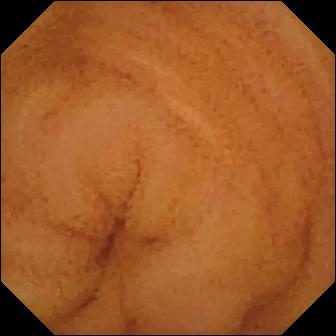This small-bowel capsule endoscopy still shows normal clean mucosa.